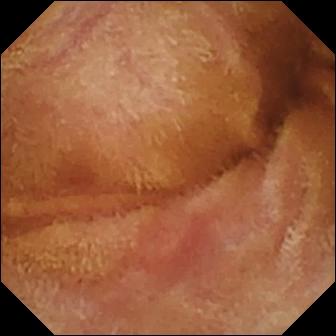modality: video capsule endoscopy; impression: normal clean mucosa